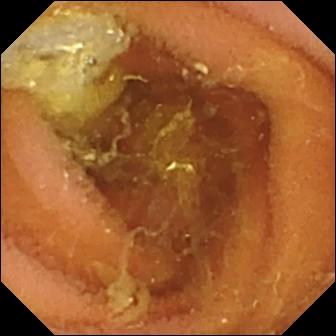Q: What does this VCE image show?
A: Normal clean mucosa.